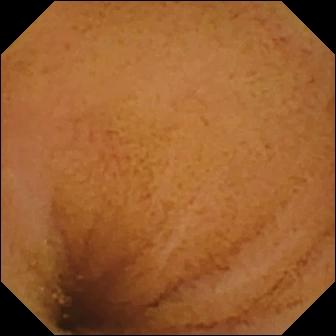PROCEDURE: Small-bowel capsule endoscopy.
SEGMENT: Small intestine.
FINDINGS: Normal clean mucosa.